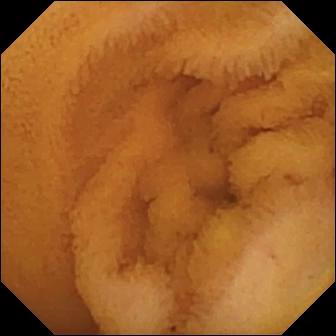modality: video capsule endoscopy; segment: small bowel; observation: normal clean mucosa